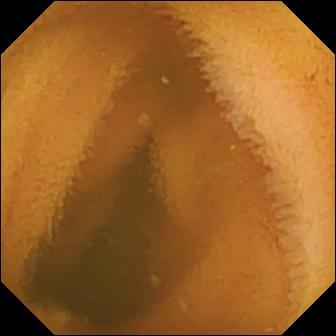- modality: video capsule endoscopy
- segment: small intestine
- label: normal clean mucosa